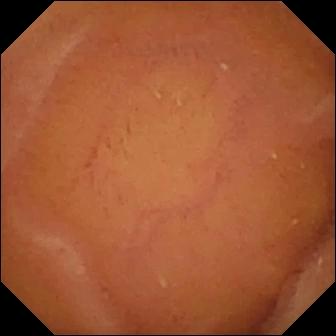Normal clean mucosa — WCE frame of the small intestine.